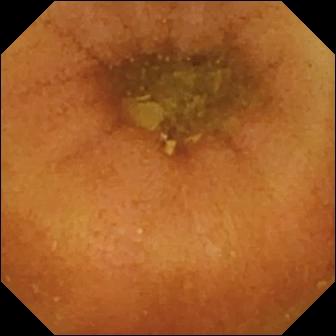Normal clean mucosa — wireless capsule endoscopy frame.